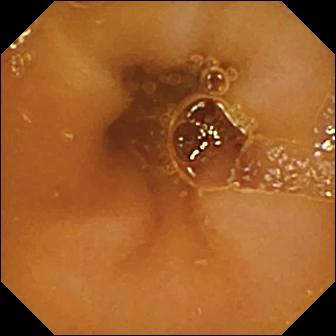WCE view (small intestine). Normal clean mucosa.